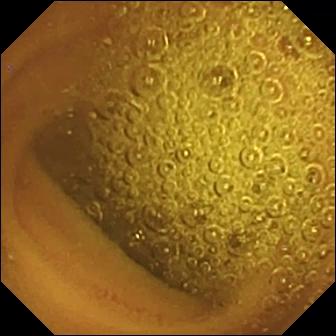Normal clean mucosa — WCE view of the small intestine.